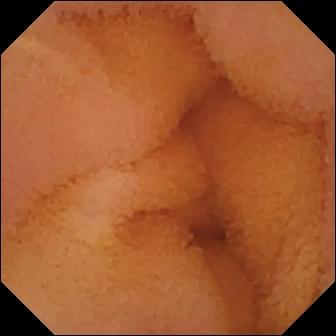WCE still showing normal clean mucosa.